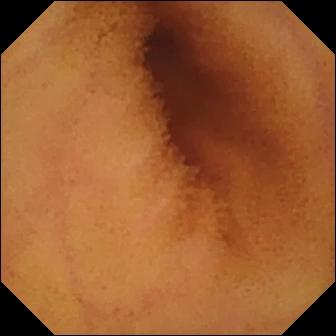Video capsule endoscopy view
Label: normal clean mucosa